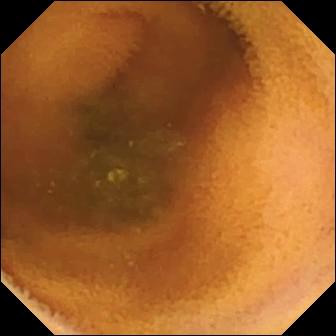Q: What does this wireless capsule endoscopy image of the small bowel show?
A: Normal clean mucosa.